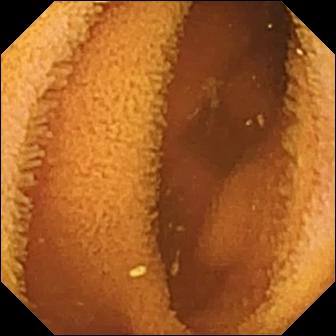- modality: WCE
- segment: small bowel
- category: luminal finding
- impression: normal clean mucosa